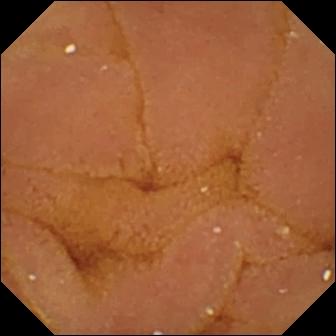Video capsule endoscopy frame (small bowel), 336×336. Normal clean mucosa.